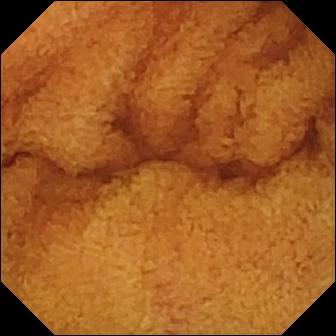WCE — normal clean mucosa.